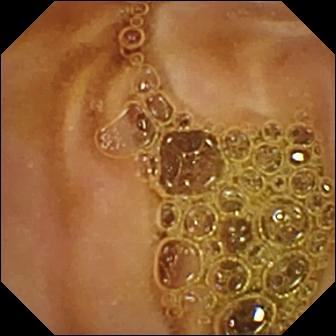{"modality": "capsule endoscopy", "finding": "normal clean mucosa"}